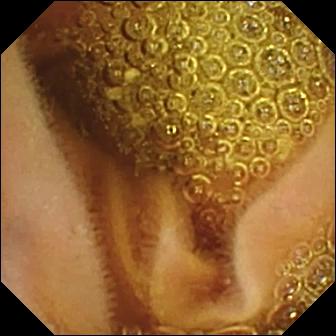- modality: WCE
- impression: normal clean mucosa